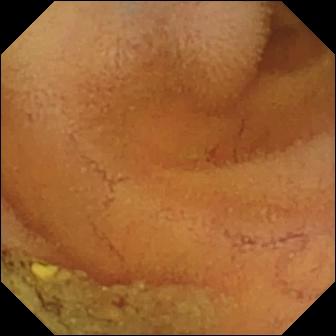Normal clean mucosa — small-bowel capsule endoscopy snapshot of the small bowel.